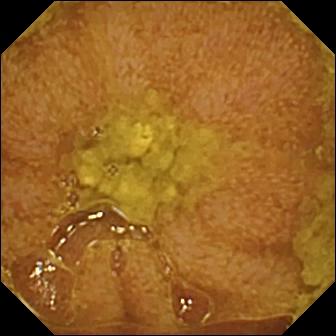Capsule endoscopy view
Label: ileo-cecal valve region (where the capsule passes from the small bowel into the large bowel)